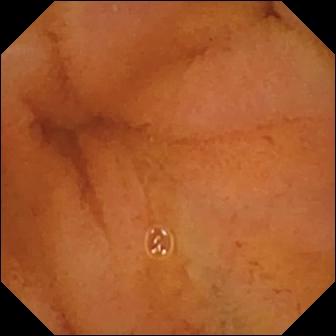{"modality": "capsule endoscopy", "segment": "small bowel", "finding": "normal clean mucosa"}